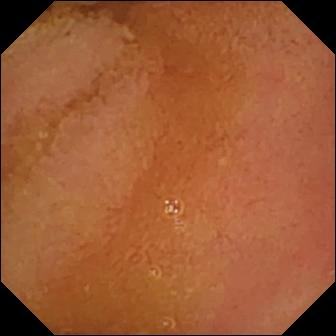- modality: wireless capsule endoscopy
- segment: small bowel
- category: luminal finding
- impression: normal clean mucosa